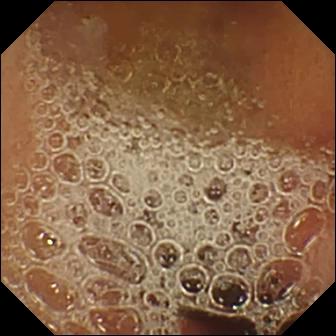Wireless capsule endoscopy view. Normal clean mucosa.